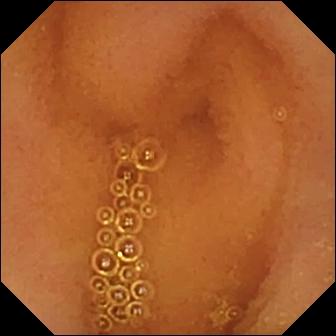Video capsule endoscopy view showing normal clean mucosa.